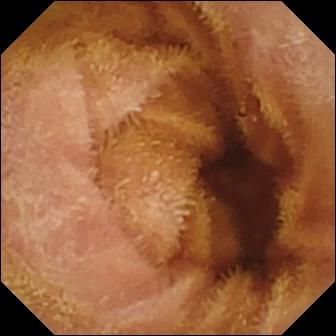- modality: small-bowel capsule endoscopy
- category: luminal finding
- finding: normal clean mucosa